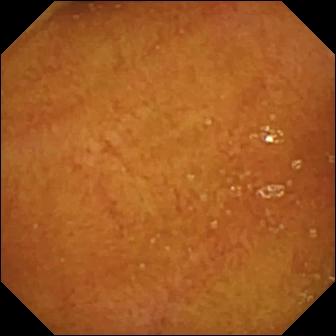Capsule endoscopy view. Normal clean mucosa.